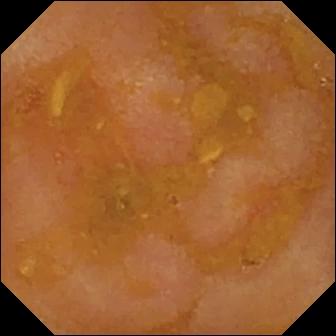modality: wireless capsule endoscopy | segment: small intestine | finding: reduced mucosal view (content or bubbles obscuring the mucosa)